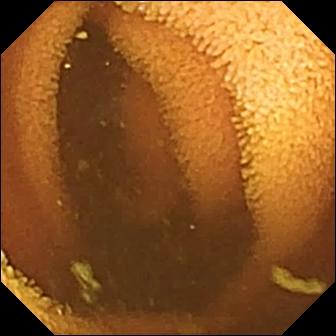- modality: VCE
- segment: small intestine
- finding: normal clean mucosa